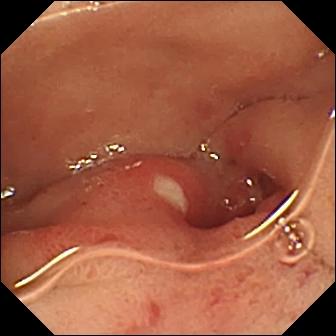This video capsule endoscopy image shows ulcer.